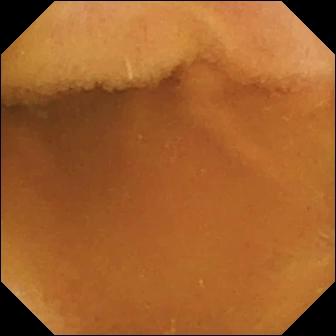VCE frame showing normal clean mucosa.